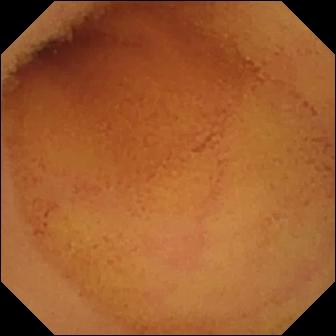VCE — normal clean mucosa.